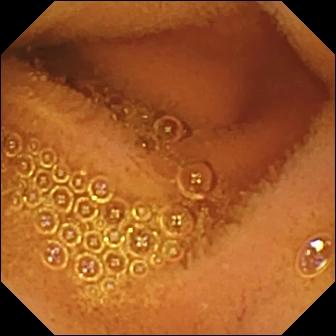This small-bowel capsule endoscopy still of the small bowel shows normal clean mucosa.